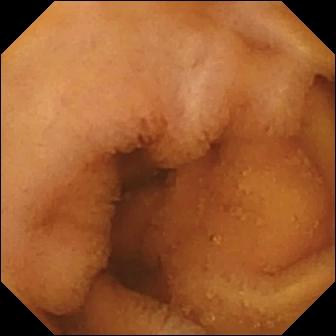Small-bowel capsule endoscopy still (small intestine). Normal clean mucosa.